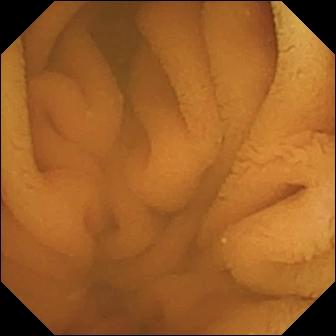Video capsule endoscopy image
Finding: normal clean mucosa